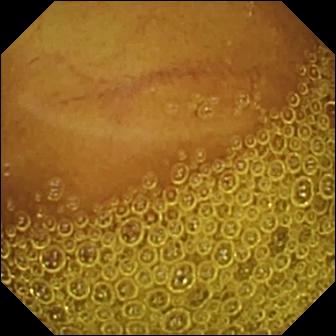modality: capsule endoscopy | segment: small bowel | finding: normal clean mucosa